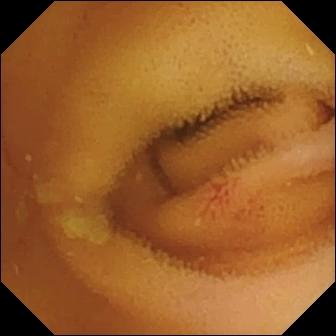PROCEDURE: Wireless capsule endoscopy.
FINDINGS: Angiectasia.